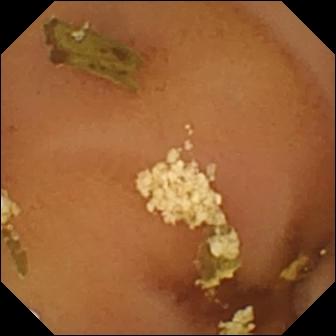- modality: capsule endoscopy
- category: luminal finding
- finding: normal clean mucosa